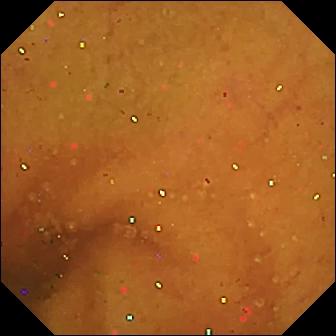Normal clean mucosa (336×336).